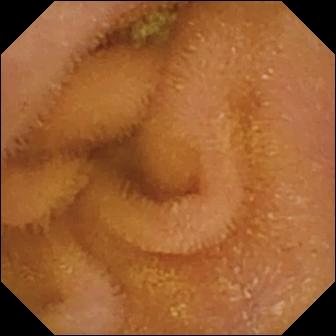WCE — normal clean mucosa.